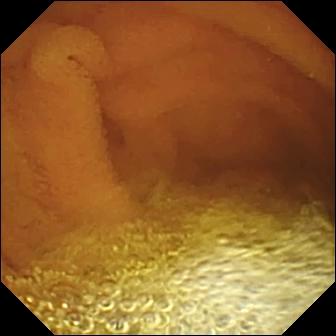Normal clean mucosa.